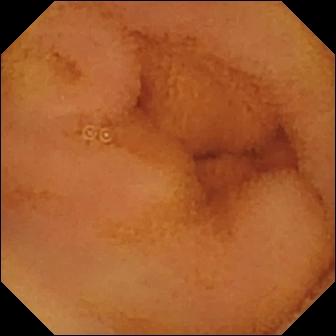Wireless capsule endoscopy — normal clean mucosa.